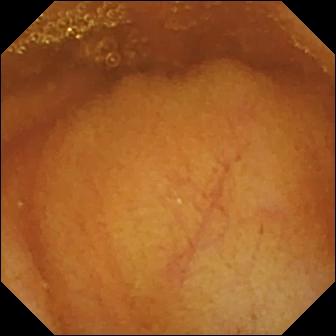Normal clean mucosa — WCE frame of the small intestine.